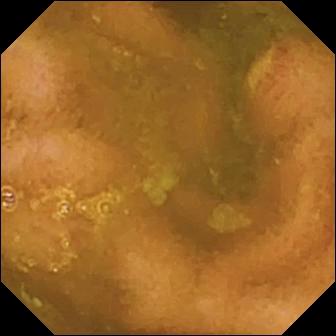WCE. Label: ulcer.